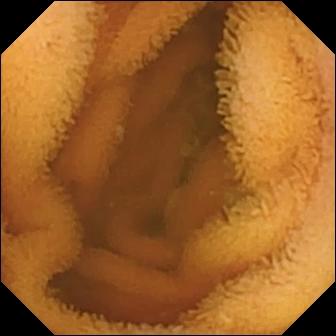This VCE still shows normal clean mucosa.